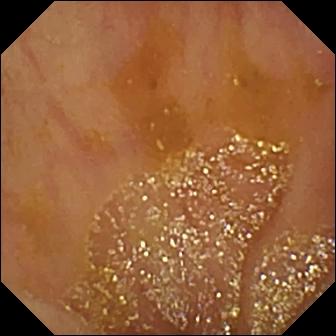modality: VCE
location: ileo-cecal valve region